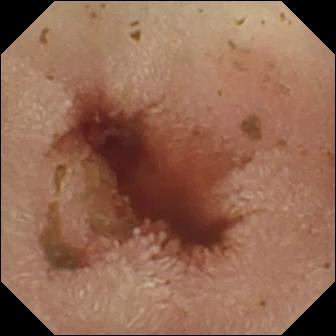Capsule endoscopy view
Observation: fresh blood in the lumen